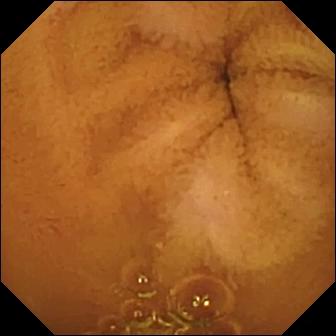This VCE view of the small bowel shows normal clean mucosa.